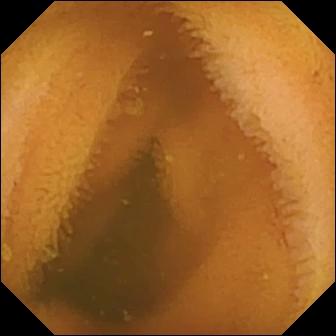Normal clean mucosa — video capsule endoscopy frame of the small bowel.